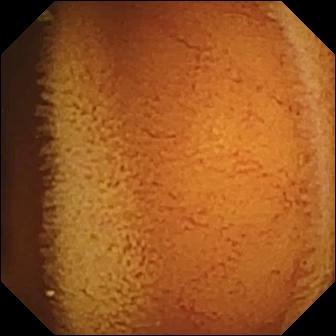Normal clean mucosa — video capsule endoscopy snapshot.